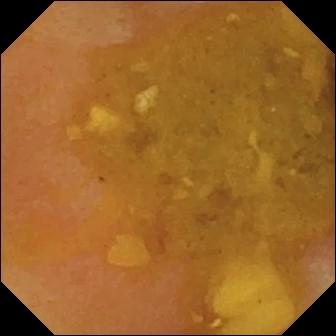modality: capsule endoscopy | label: reduced mucosal view (content or bubbles obscuring the mucosa)